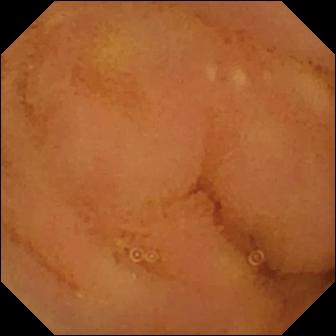WCE — normal clean mucosa.